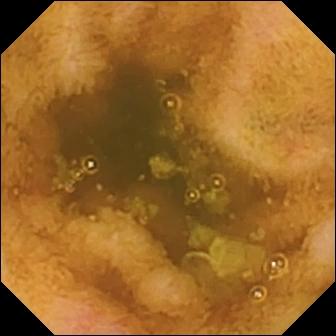Video capsule endoscopy. Luminal finding. Impression: erosion.